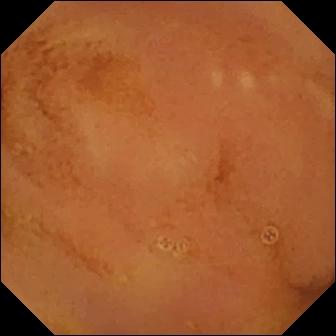modality: WCE; finding: normal clean mucosa